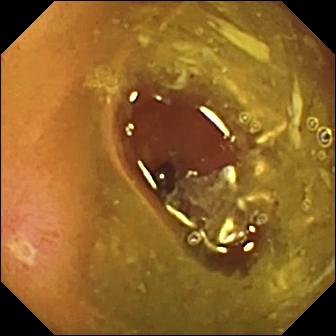WCE. Impression: ulcer.